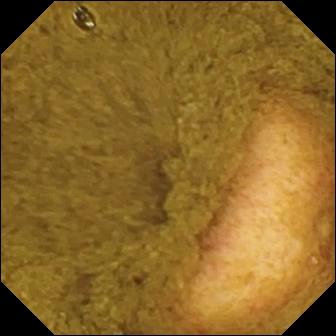{"modality": "wireless capsule endoscopy", "video_segment": "ileo-cecal valve region"}